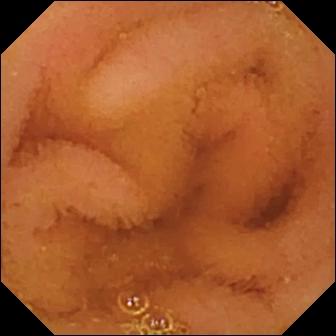Normal clean mucosa — wireless capsule endoscopy image.